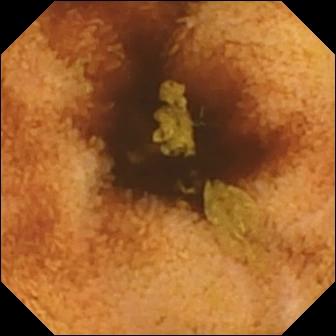WCE still of the small intestine showing normal clean mucosa.